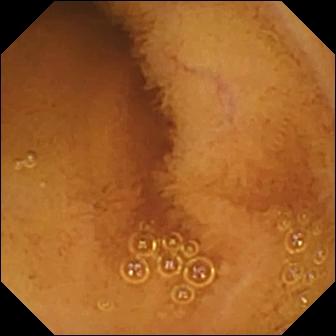- modality: small-bowel capsule endoscopy
- segment: small bowel
- label: normal clean mucosa